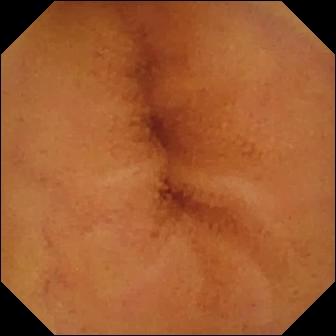Capsule endoscopy snapshot of the small bowel showing normal clean mucosa.